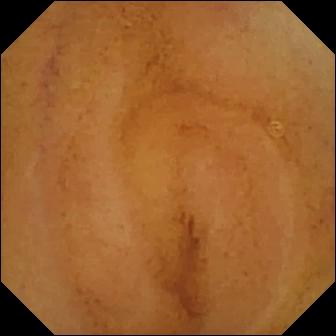modality: WCE
segment: small intestine
label: normal clean mucosa